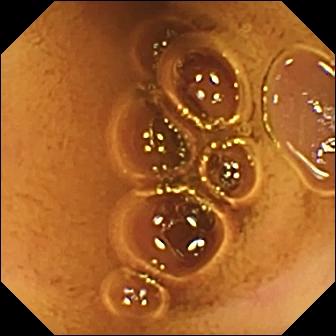WCE image, small intestine
Observation: normal clean mucosa